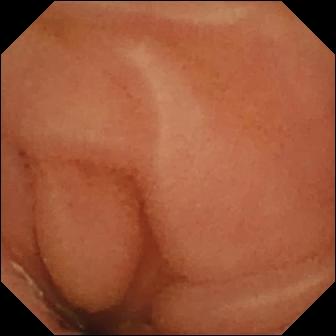- modality: capsule endoscopy
- category: luminal finding
- observation: normal clean mucosa